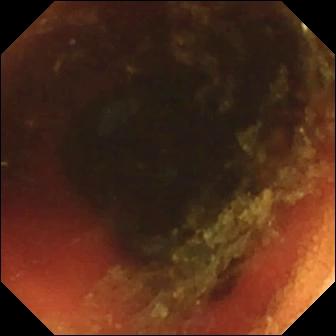Ileo-cecal valve region (where the capsule passes from the small bowel into the large bowel).